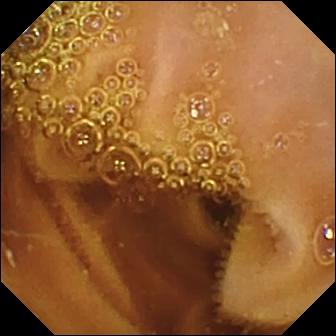Normal clean mucosa.